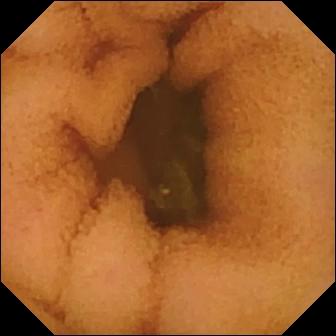WCE image (small intestine). Normal clean mucosa.